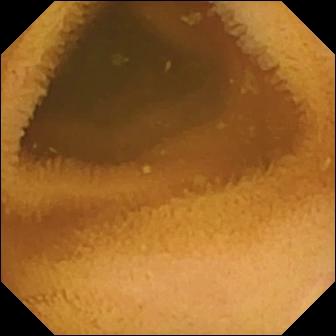WCE image. Normal clean mucosa.